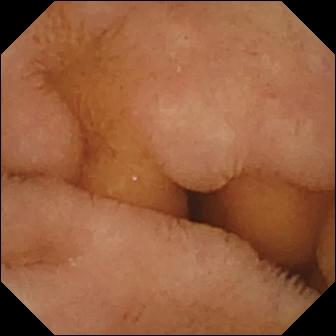VCE — normal clean mucosa.